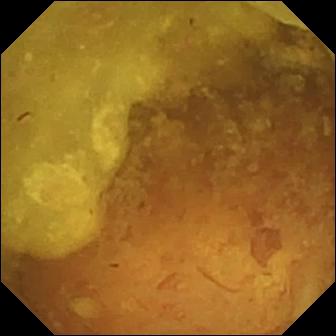Reduced mucosal view (content or bubbles obscuring the mucosa) — WCE image of the small bowel.